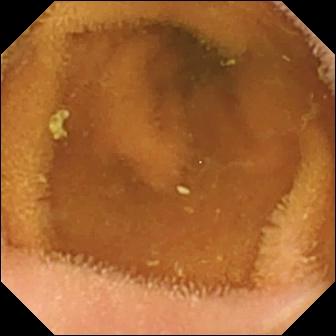This VCE frame of the small bowel shows normal clean mucosa.